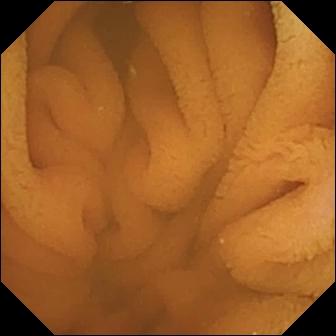WCE — normal clean mucosa.